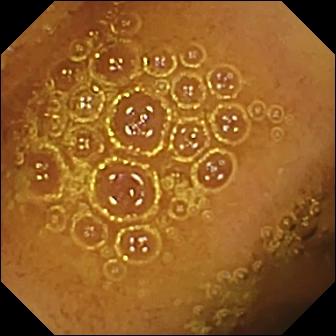PROCEDURE: Capsule endoscopy.
SEGMENT: Small intestine.
FINDINGS: Normal clean mucosa.